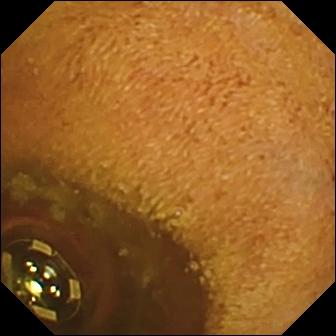Capsule endoscopy image. Foreign body (e.g. retained capsule, tablet residue).